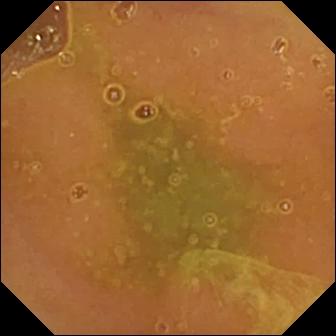Wireless capsule endoscopy. Small bowel. Luminal finding. Label: normal clean mucosa.